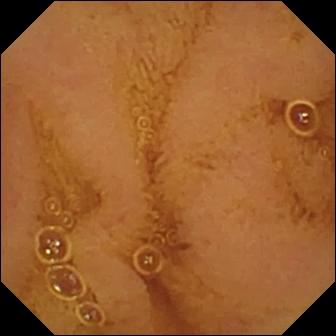This VCE still of the small intestine shows normal clean mucosa.